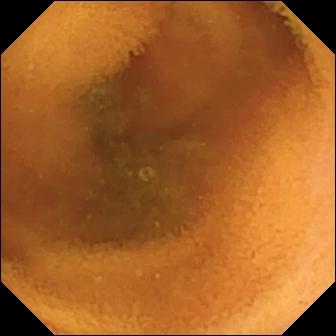Small-bowel capsule endoscopy frame, small bowel
Finding: normal clean mucosa